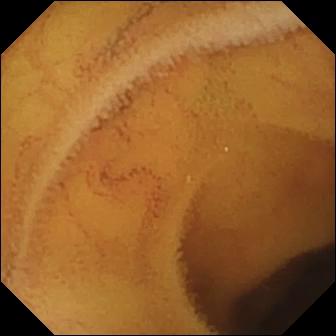WCE — normal clean mucosa.